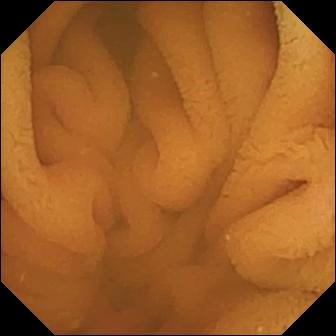modality: wireless capsule endoscopy; observation: normal clean mucosa